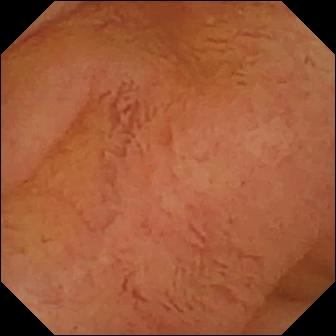VCE frame, small bowel
Label: normal clean mucosa